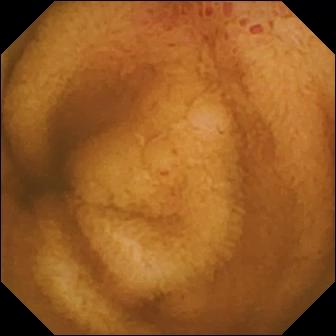Capsule endoscopy snapshot showing erosion.